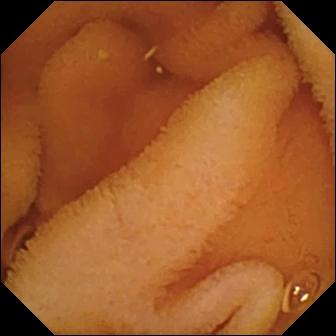Q: What does this small-bowel capsule endoscopy snapshot show?
A: Normal clean mucosa.